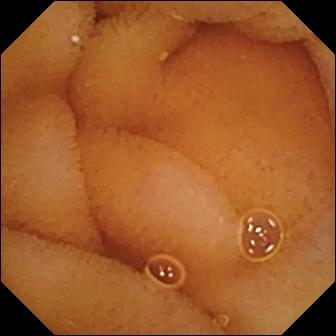Normal clean mucosa — VCE snapshot.